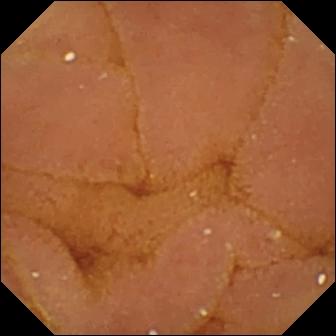VCE. Small intestine. Luminal finding. Finding: normal clean mucosa.